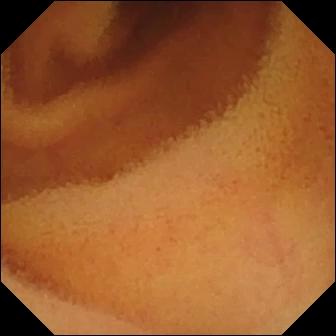- modality: small-bowel capsule endoscopy
- segment: small intestine
- finding: normal clean mucosa